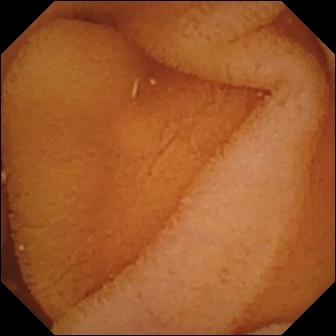Capsule endoscopy — normal clean mucosa.